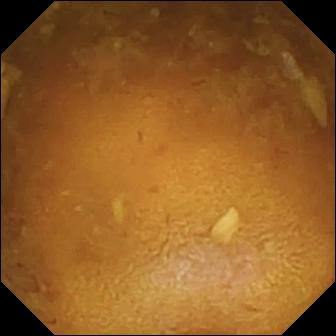Capsule endoscopy — reduced mucosal view (content or bubbles obscuring the mucosa).